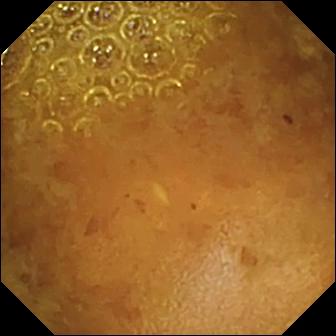WCE still, small bowel
Finding: reduced mucosal view (content or bubbles obscuring the mucosa)